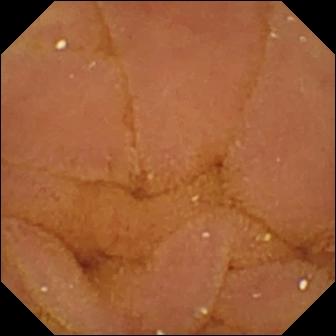Wireless capsule endoscopy. Small bowel. Luminal finding. Observation: normal clean mucosa.